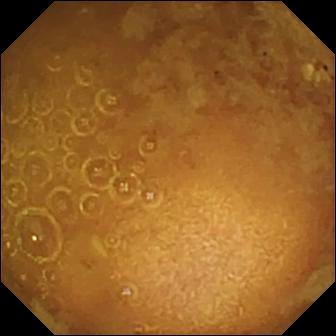This wireless capsule endoscopy still of the small intestine shows reduced mucosal view (content or bubbles obscuring the mucosa).